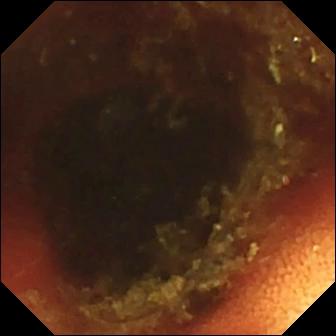Wireless capsule endoscopy. Location: ileo-cecal valve region (where the capsule passes from the small bowel into the large bowel).